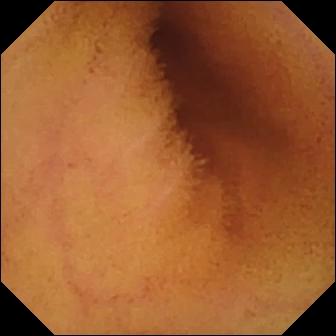{"modality": "wireless capsule endoscopy", "finding": "normal clean mucosa"}